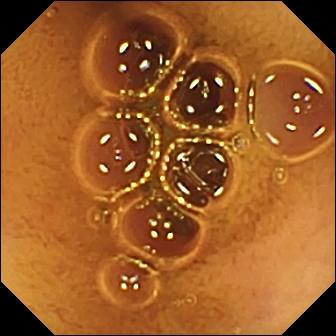Video capsule endoscopy snapshot
Observation: normal clean mucosa